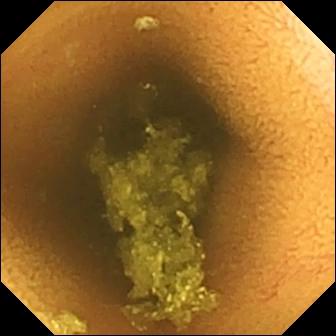Normal clean mucosa — small-bowel capsule endoscopy snapshot.